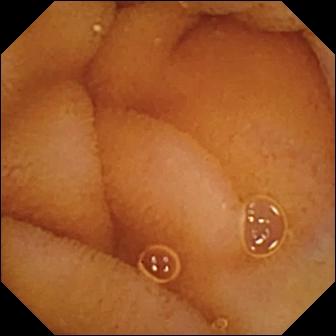Wireless capsule endoscopy frame showing normal clean mucosa.